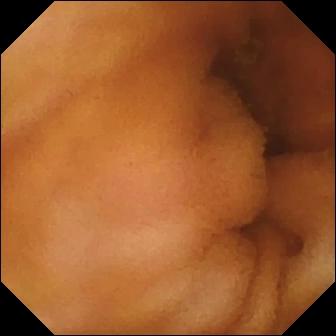Normal clean mucosa (336×336).